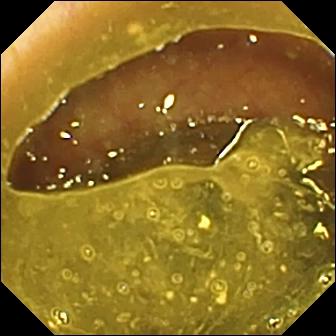Ileo-cecal valve region (the transition from the small bowel to the large bowel).